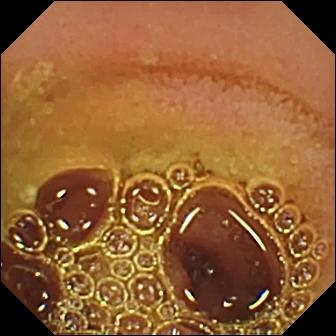Video capsule endoscopy — normal clean mucosa.